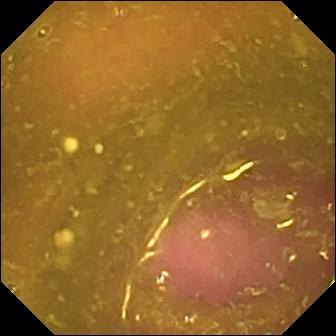Reduced mucosal view (content or bubbles obscuring the mucosa) — WCE still.